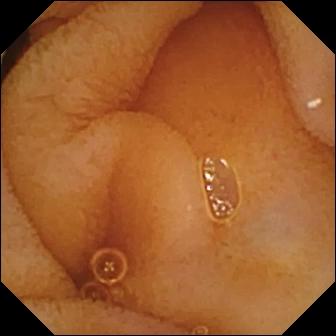Wireless capsule endoscopy still showing normal clean mucosa.